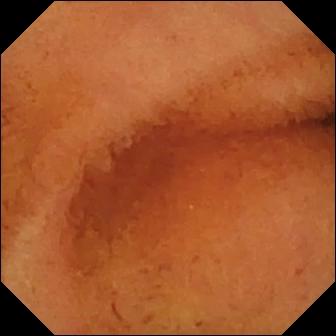This VCE image shows normal clean mucosa.